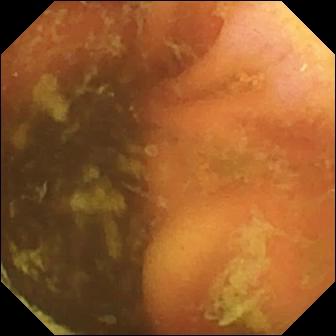Q: Where in the digestive tract was this small-bowel capsule endoscopy image taken?
A: Ileo-cecal valve region (where the capsule passes from the small bowel into the large bowel).